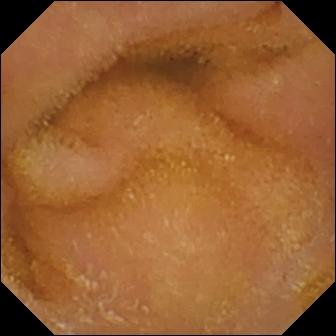Capsule endoscopy. Small intestine. Label: normal clean mucosa.